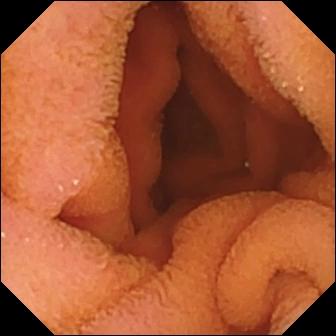modality: capsule endoscopy | segment: small intestine | impression: normal clean mucosa